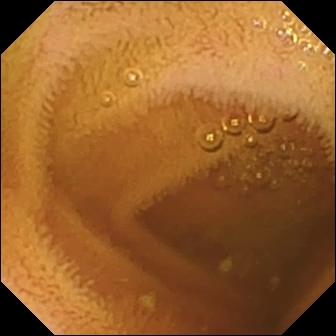Video capsule endoscopy. Small intestine. Luminal finding. Impression: normal clean mucosa.